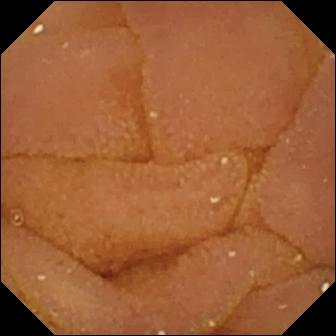Video capsule endoscopy view (small intestine). Normal clean mucosa.